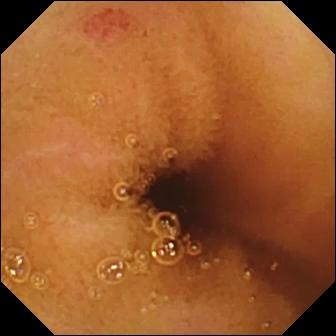Capsule endoscopy. Label: angiectasia.